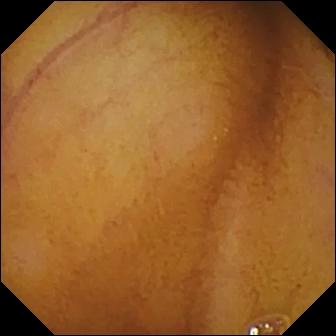Capsule endoscopy. Observation: normal clean mucosa.